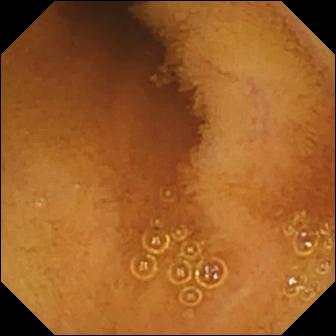This video capsule endoscopy frame shows normal clean mucosa.